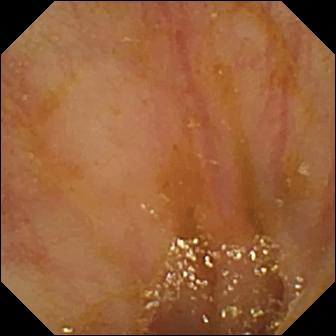- modality: capsule endoscopy
- label: ileo-cecal valve region (the transition from the small bowel to the large bowel)